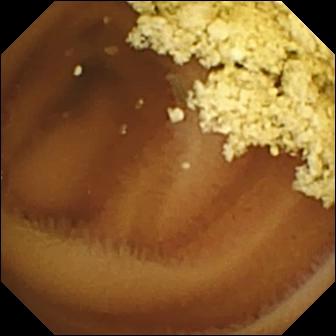This capsule endoscopy image of the small bowel shows normal clean mucosa.